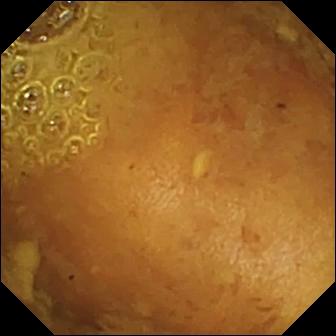WCE snapshot (small intestine), 336×336. Reduced mucosal view (content or bubbles obscuring the mucosa).